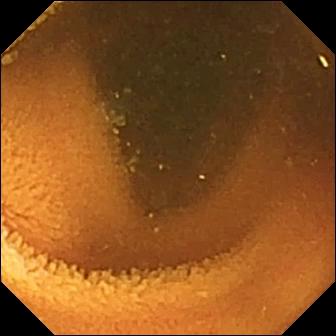{"modality": "wireless capsule endoscopy", "segment": "small bowel", "category": "luminal finding", "finding": "normal clean mucosa"}